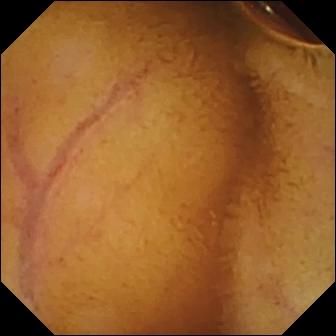Q: What does this small-bowel capsule endoscopy snapshot show?
A: Normal clean mucosa.